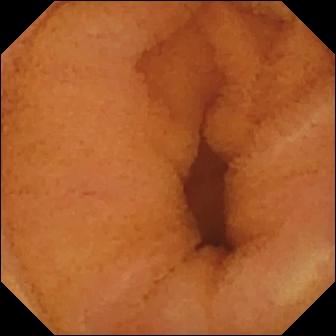Normal clean mucosa — wireless capsule endoscopy image of the small bowel.